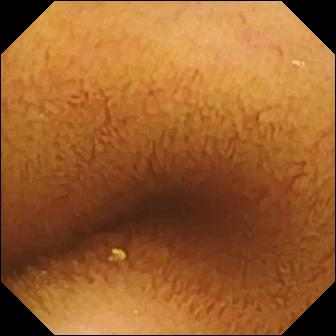modality: WCE | finding: normal clean mucosa